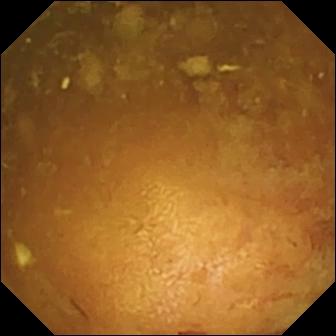VCE still of the small bowel showing reduced mucosal view (content or bubbles obscuring the mucosa).